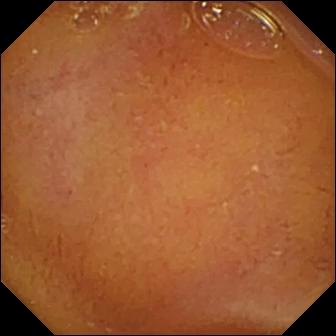modality: video capsule endoscopy
observation: normal clean mucosa